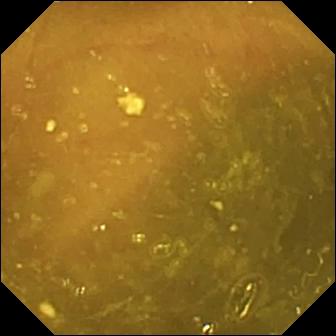This capsule endoscopy snapshot was taken in the ileo-cecal valve region (the transition from the small bowel to the large bowel).